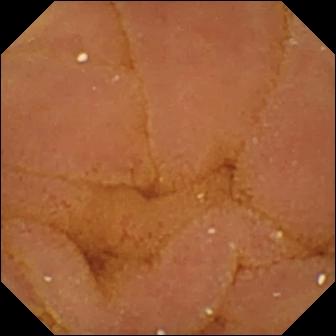Normal clean mucosa (336×336).